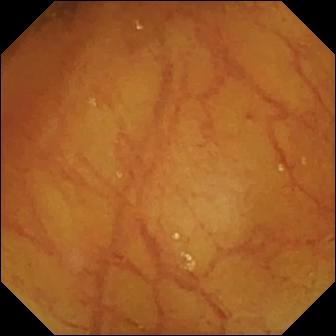Wireless capsule endoscopy frame
Location: ileo-cecal valve region (the transition from the small bowel to the large bowel)